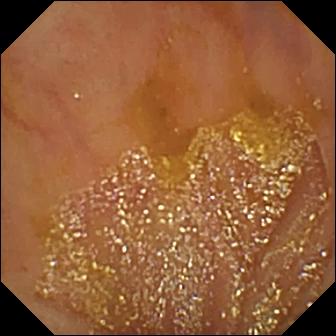VCE still taken in the ileo-cecal valve region (the transition from the small bowel to the large bowel).